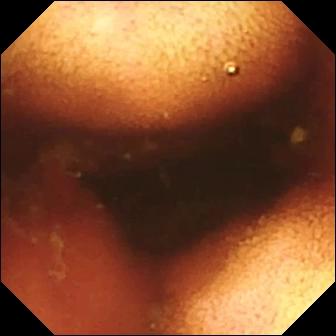Ileo-cecal valve region (where the capsule passes from the small bowel into the large bowel) — small-bowel capsule endoscopy snapshot.